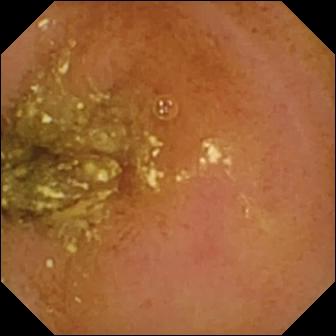VCE view, small intestine
Finding: normal clean mucosa